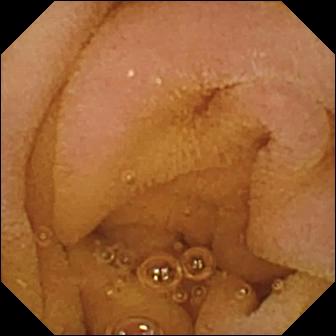PROCEDURE: WCE.
SEGMENT: Small intestine.
FINDINGS: Normal clean mucosa.